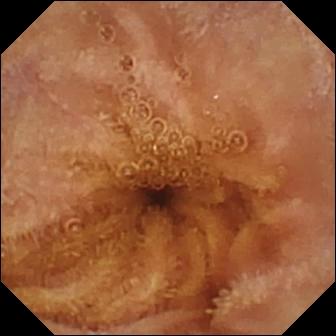{"modality": "WCE", "segment": "small bowel", "finding": "normal clean mucosa"}